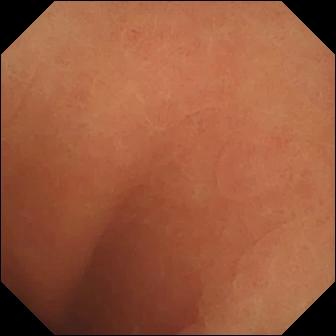Video capsule endoscopy — normal clean mucosa.